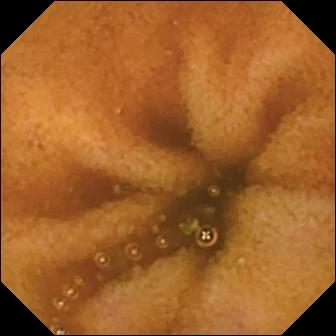PROCEDURE: Capsule endoscopy.
FINDINGS: Normal clean mucosa.